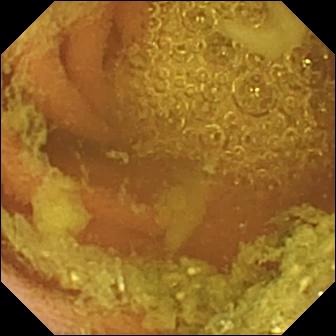Normal clean mucosa.